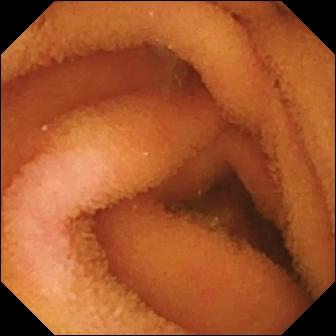Small-bowel capsule endoscopy still, small bowel
Finding: normal clean mucosa